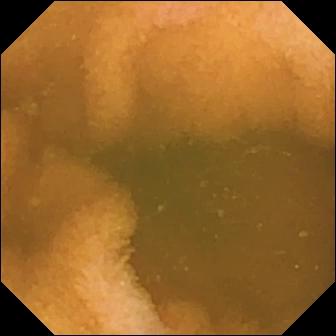Capsule endoscopy. Small intestine. Label: normal clean mucosa.